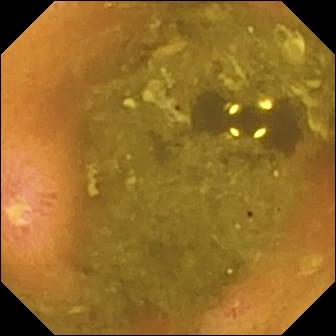Ulcer — VCE view.